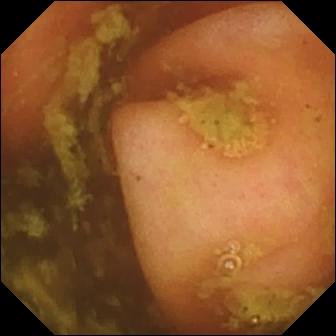Ileo-cecal valve region (where the capsule passes from the small bowel into the large bowel), 336×336.